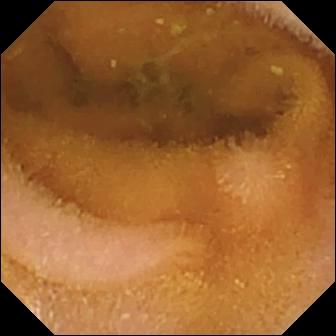Q: What does this WCE still show?
A: Normal clean mucosa.